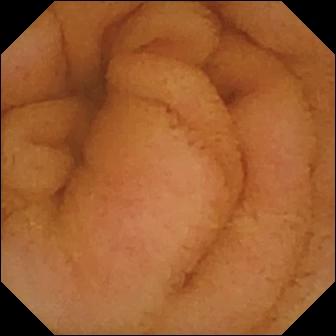Capsule endoscopy image
Finding: normal clean mucosa